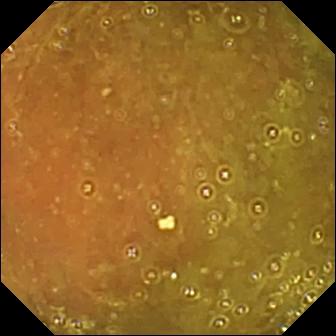WCE snapshot
Location: ileo-cecal valve region (the transition from the small bowel to the large bowel)